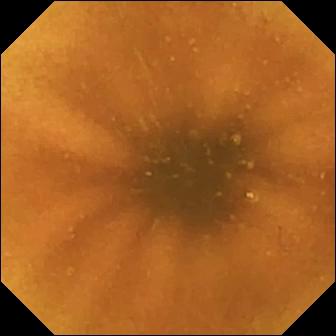- modality: WCE
- segment: small intestine
- label: normal clean mucosa